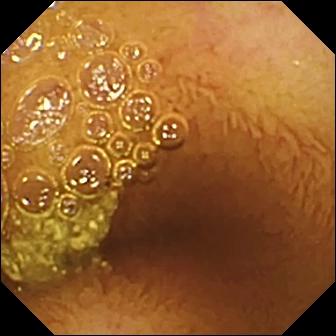{"modality": "small-bowel capsule endoscopy", "segment": "small intestine", "finding": "normal clean mucosa"}